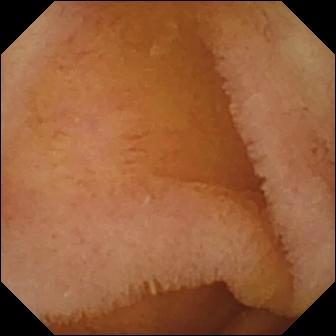Wireless capsule endoscopy still, small intestine
Label: normal clean mucosa